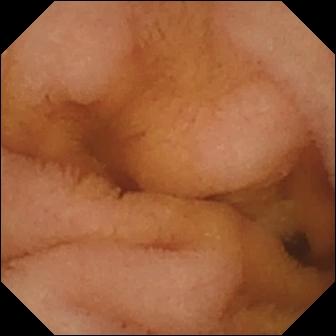Video capsule endoscopy. Small intestine. Luminal finding. Impression: normal clean mucosa.